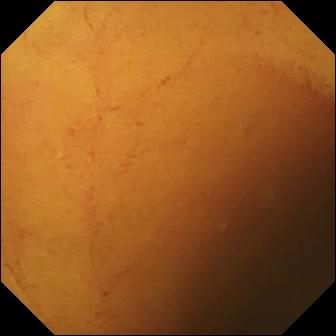modality: VCE | impression: normal clean mucosa